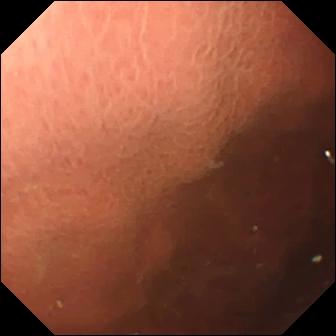modality: capsule endoscopy
position: pylorus region